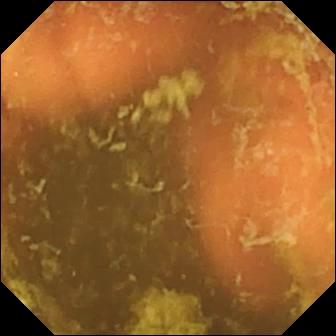modality: VCE
label: ileo-cecal valve region